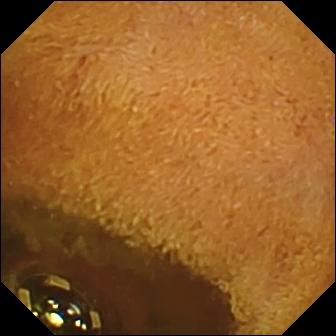Foreign body (e.g. retained capsule, tablet residue) (336×336).